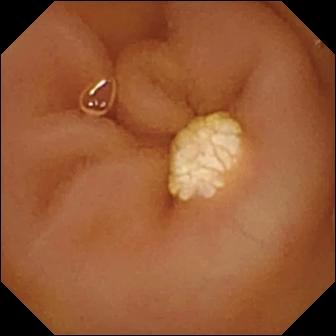{"modality": "capsule endoscopy", "finding": "lymphangiectasia"}